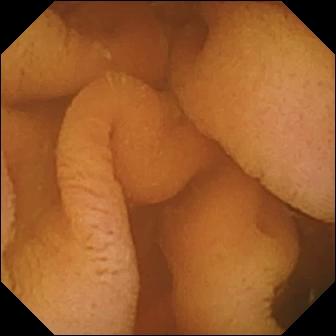Capsule endoscopy — normal clean mucosa.